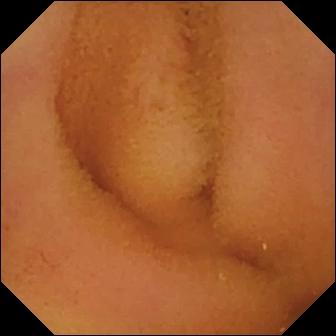Normal clean mucosa — wireless capsule endoscopy frame of the small bowel.